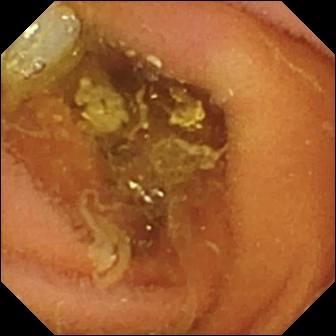Q: What does this video capsule endoscopy snapshot of the small bowel show?
A: Normal clean mucosa.